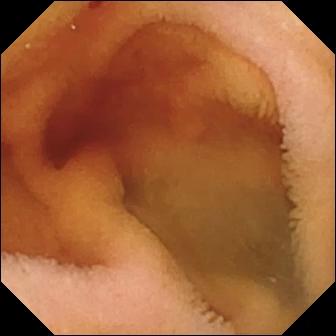Fresh blood in the lumen — WCE frame.